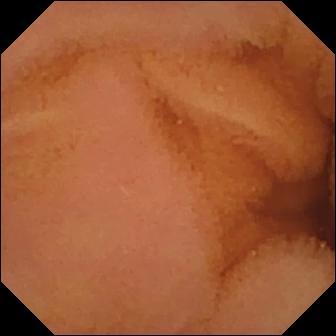modality: video capsule endoscopy
segment: small bowel
finding: normal clean mucosa